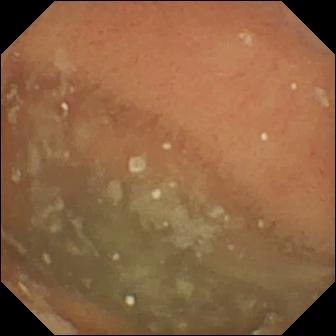WCE image, small bowel
Finding: normal clean mucosa